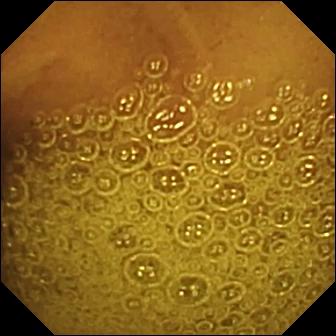Video capsule endoscopy frame. Normal clean mucosa.